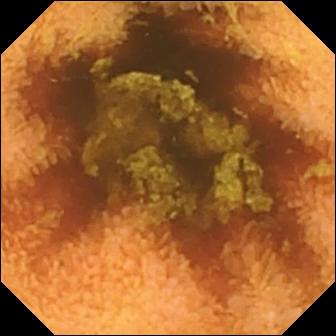Normal clean mucosa.